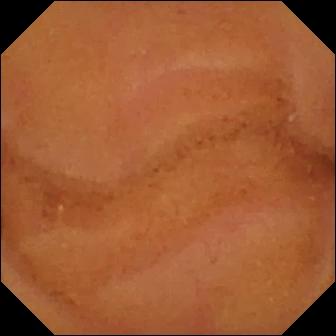This small-bowel capsule endoscopy view of the small intestine shows normal clean mucosa.